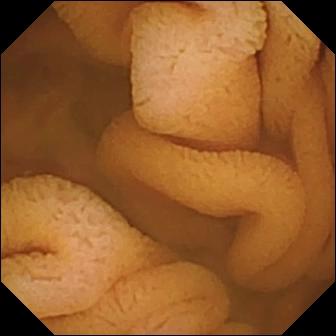Video capsule endoscopy frame, 336×336. Normal clean mucosa.